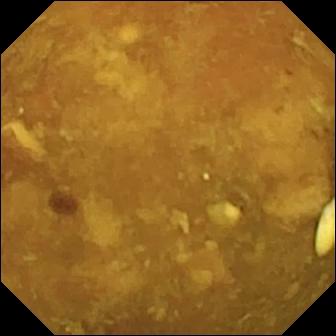Wireless capsule endoscopy. Small bowel. Observation: reduced mucosal view (content or bubbles obscuring the mucosa).